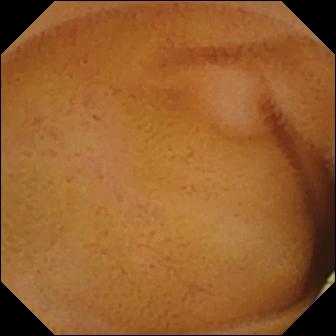Wireless capsule endoscopy — lymphangiectasia.